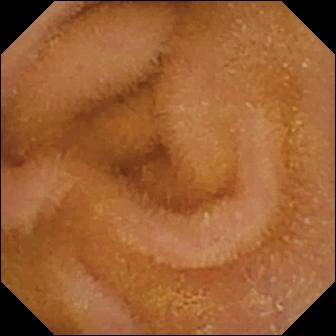PROCEDURE: Video capsule endoscopy.
SEGMENT: Small bowel.
FINDINGS: Normal clean mucosa.